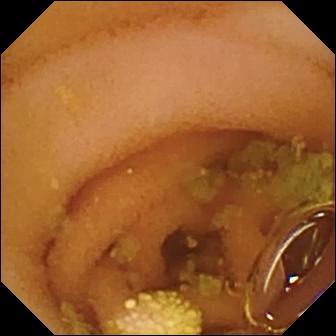VCE — lymphangiectasia.